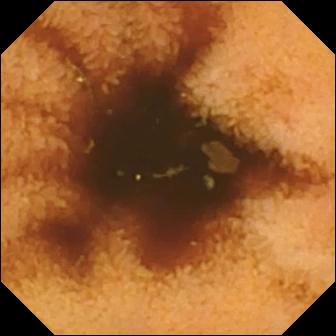Normal clean mucosa (336×336).